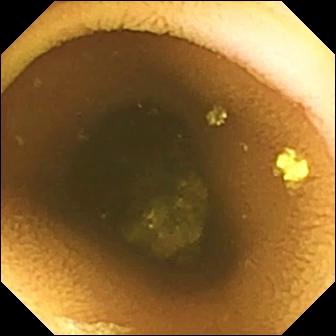- modality: VCE
- segment: small bowel
- category: luminal finding
- impression: normal clean mucosa